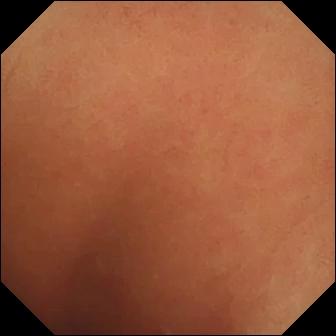WCE snapshot
Label: normal clean mucosa